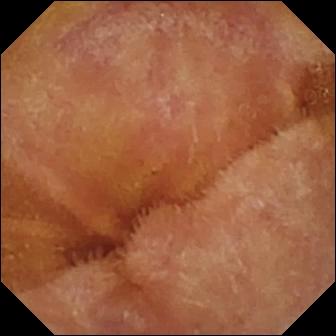{"modality": "capsule endoscopy", "finding": "normal clean mucosa"}